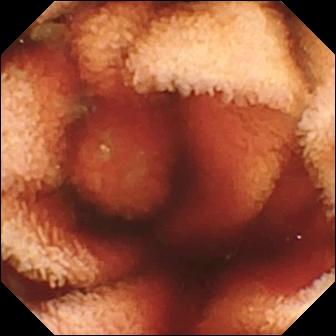Wireless capsule endoscopy view
Impression: fresh blood in the lumen